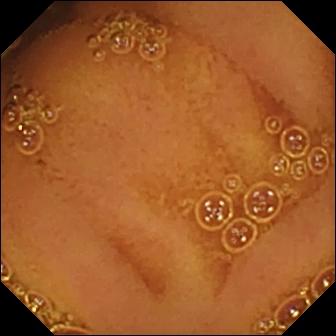WCE. Small intestine. Observation: normal clean mucosa.